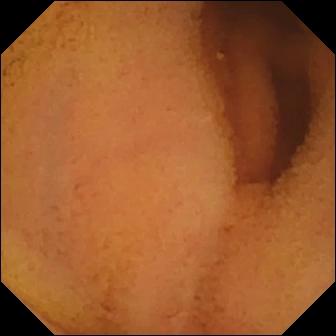Video capsule endoscopy still. Normal clean mucosa.